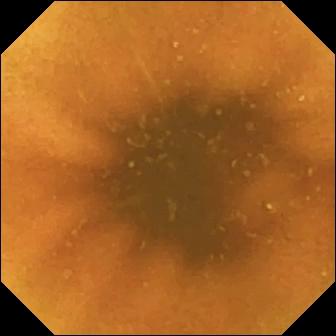Wireless capsule endoscopy — normal clean mucosa.